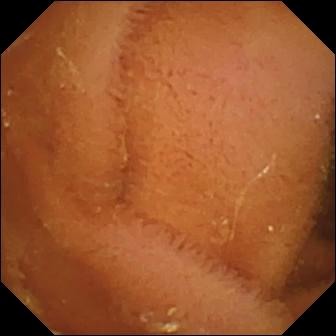Normal clean mucosa.